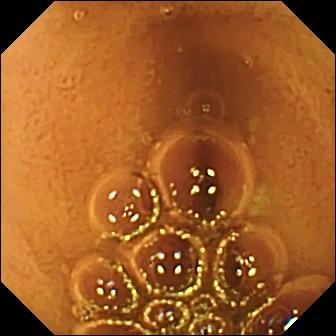Q: What does this small-bowel capsule endoscopy still of the small bowel show?
A: Normal clean mucosa.